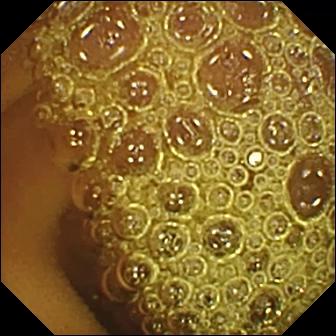PROCEDURE: Capsule endoscopy.
SEGMENT: Small bowel.
FINDINGS: Normal clean mucosa.